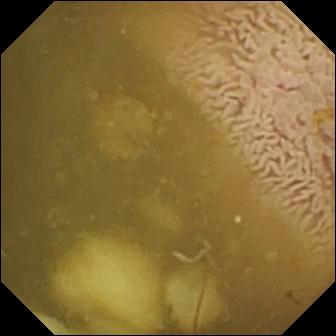Wireless capsule endoscopy still, 336×336. Taken in the ileo-cecal valve region.